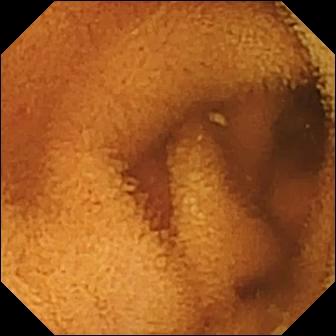Normal clean mucosa — capsule endoscopy frame of the small bowel.